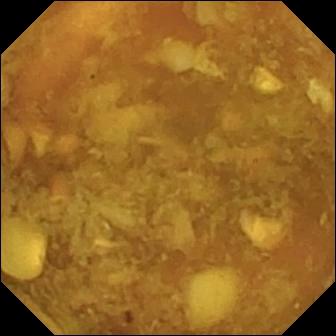Reduced mucosal view (content or bubbles obscuring the mucosa) — wireless capsule endoscopy view of the small bowel.